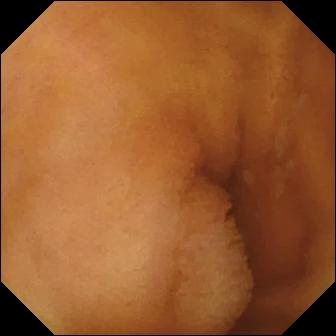Normal clean mucosa — WCE image of the small bowel.